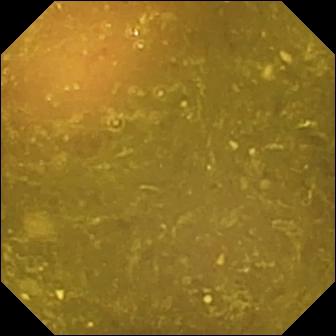Reduced mucosal view (content or bubbles obscuring the mucosa) — video capsule endoscopy still.